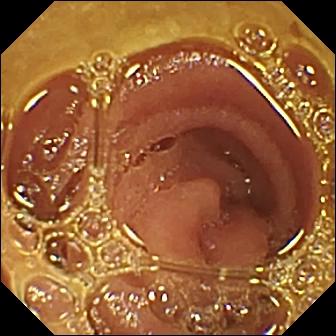modality: wireless capsule endoscopy
observation: normal clean mucosa